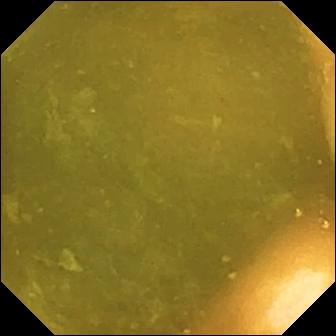Ileo-cecal valve region (the transition from the small bowel to the large bowel) — wireless capsule endoscopy image.